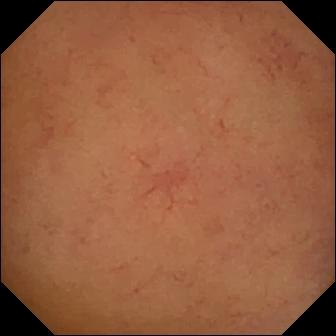Small-bowel capsule endoscopy image. Normal clean mucosa.